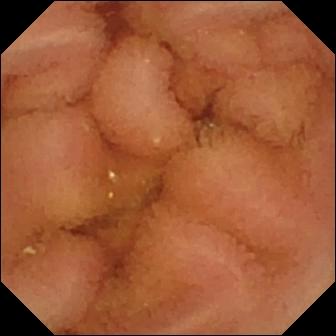Small-bowel capsule endoscopy snapshot showing normal clean mucosa.